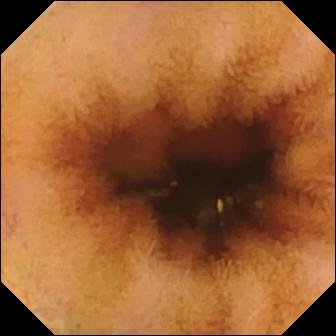- modality: WCE
- segment: small intestine
- category: luminal finding
- observation: normal clean mucosa